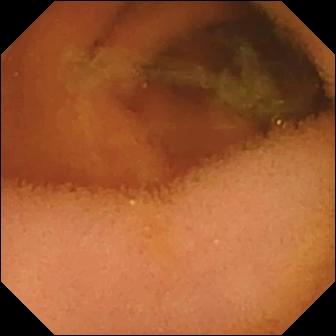{"modality": "capsule endoscopy", "finding": "normal clean mucosa"}